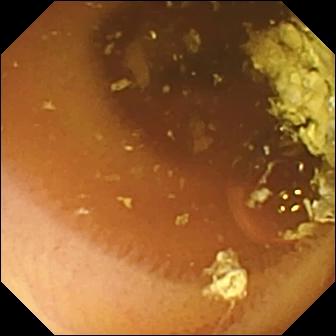Capsule endoscopy. Small intestine. Observation: normal clean mucosa.